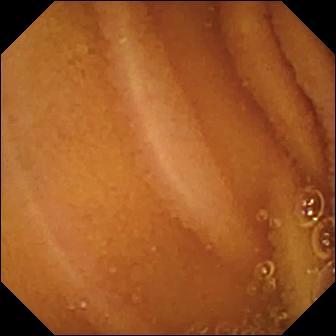Q: What does this video capsule endoscopy frame show?
A: Normal clean mucosa.